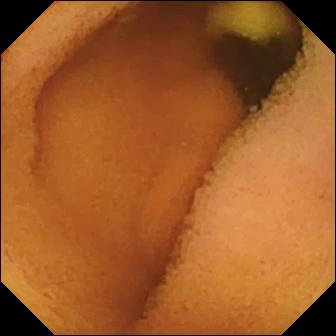Wireless capsule endoscopy view showing normal clean mucosa.